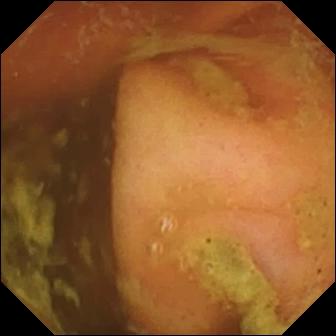Small-bowel capsule endoscopy image taken in the ileo-cecal valve region (the transition from the small bowel to the large bowel).